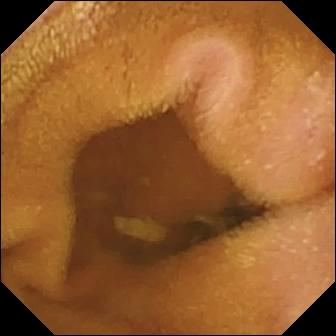Wireless capsule endoscopy view of the small intestine showing normal clean mucosa.